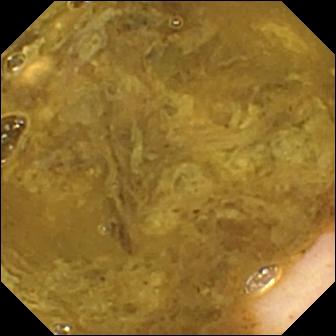Capsule endoscopy. Near an anatomical landmark. Video segment: ileo-cecal valve region (the transition from the small bowel to the large bowel).